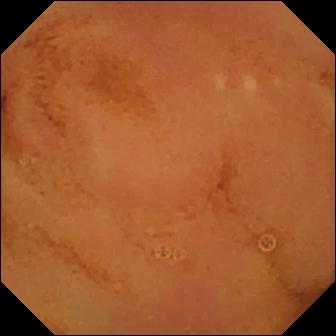modality: video capsule endoscopy | segment: small intestine | finding: normal clean mucosa